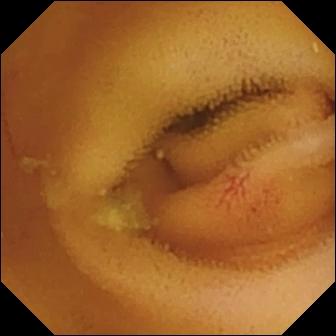PROCEDURE: Wireless capsule endoscopy.
FINDINGS: Angiectasia.